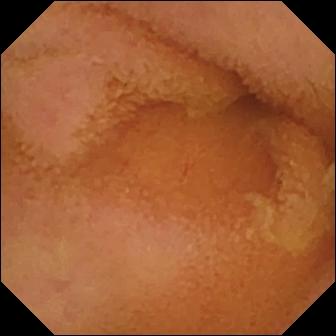Q: What does this capsule endoscopy still show?
A: Normal clean mucosa.